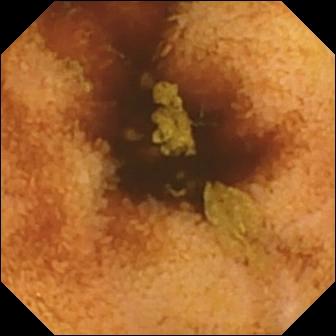{"modality": "capsule endoscopy", "segment": "small bowel", "finding": "normal clean mucosa"}